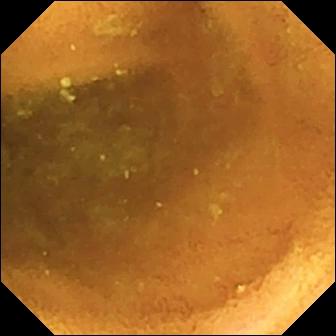Small-bowel capsule endoscopy snapshot
Label: normal clean mucosa